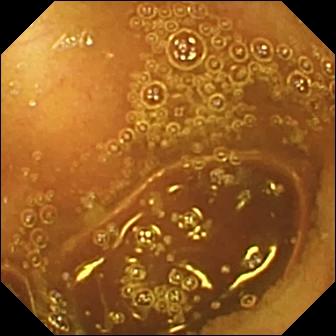Normal clean mucosa — VCE snapshot.